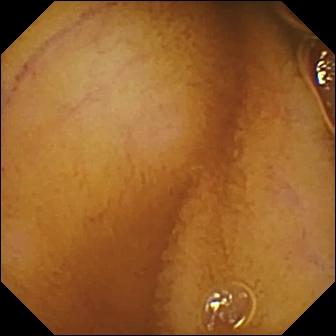- modality: VCE
- segment: small bowel
- category: luminal finding
- label: normal clean mucosa